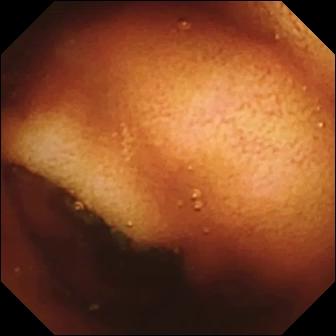Capsule endoscopy snapshot
Label: ileo-cecal valve region (where the capsule passes from the small bowel into the large bowel)